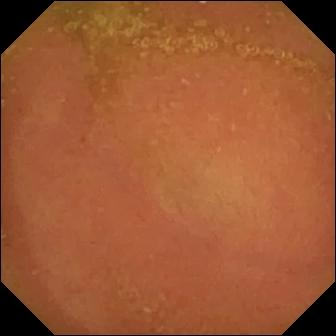{"modality": "WCE", "finding": "normal clean mucosa"}